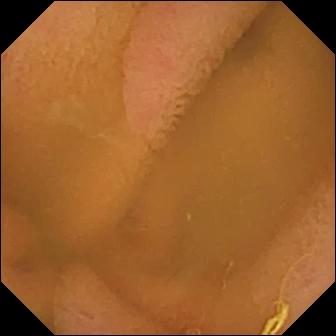Normal clean mucosa (336×336).